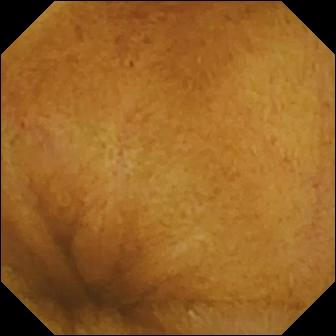modality: VCE; segment: small bowel; category: luminal finding; observation: normal clean mucosa